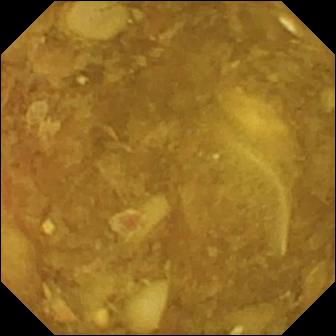Wireless capsule endoscopy — reduced mucosal view (content or bubbles obscuring the mucosa).